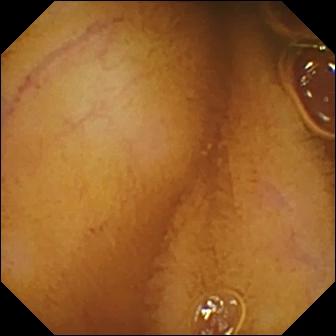This WCE view shows normal clean mucosa.